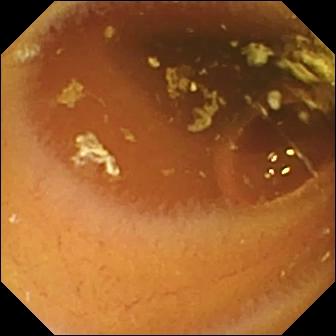PROCEDURE: VCE.
SEGMENT: Small bowel.
FINDINGS: Normal clean mucosa.